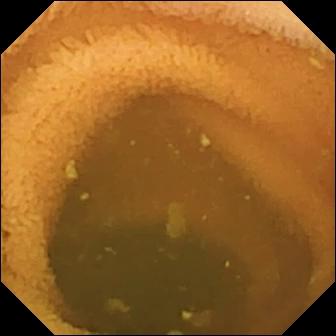- modality: capsule endoscopy
- observation: normal clean mucosa